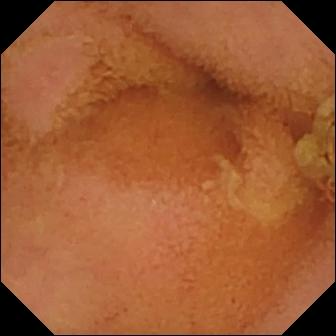modality: small-bowel capsule endoscopy | label: normal clean mucosa